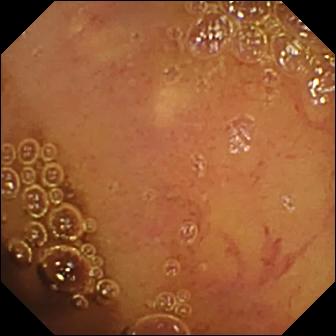Small-bowel capsule endoscopy view, 336×336. Normal clean mucosa.